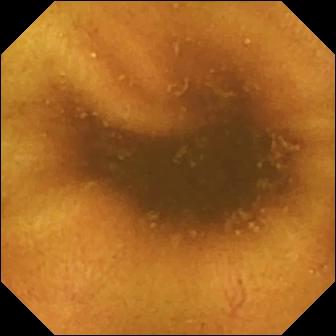modality: VCE; category: luminal finding; observation: normal clean mucosa